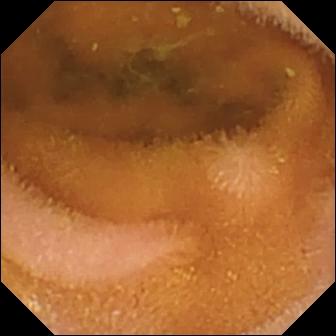Normal clean mucosa — capsule endoscopy view.